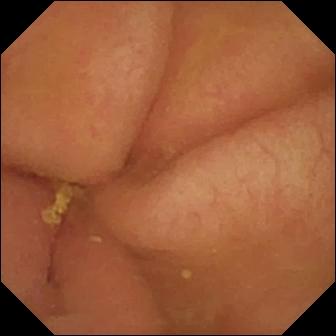Q: Where in the digestive tract was this capsule endoscopy frame taken?
A: Pylorus region (where the capsule passes from the stomach into the small bowel).